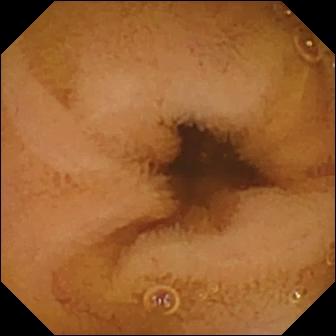PROCEDURE: WCE.
SEGMENT: Small intestine.
FINDINGS: Normal clean mucosa.